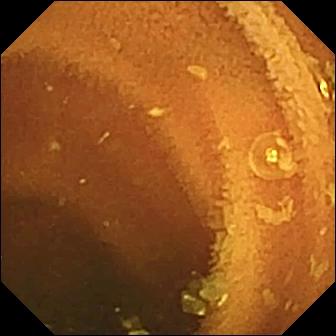PROCEDURE: Wireless capsule endoscopy.
SEGMENT: Small bowel.
FINDINGS: Normal clean mucosa.